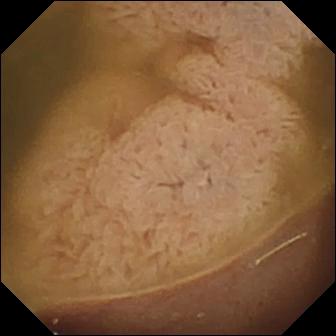Capsule endoscopy view
Video segment: ileo-cecal valve region